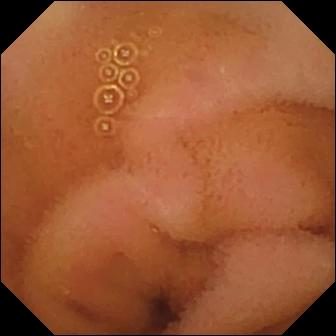Capsule endoscopy frame (small bowel). Normal clean mucosa.